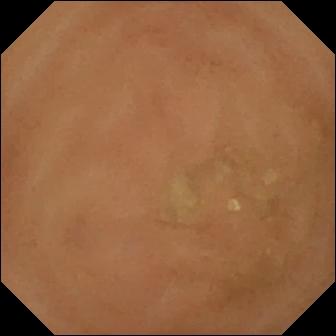- modality: video capsule endoscopy
- segment: small bowel
- category: luminal finding
- observation: normal clean mucosa